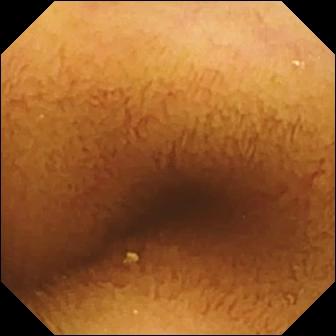Wireless capsule endoscopy snapshot of the small bowel showing normal clean mucosa.